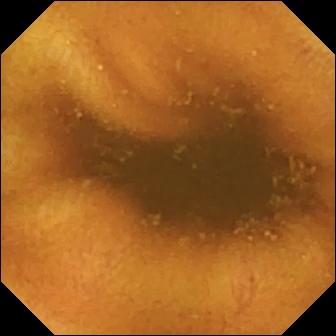Wireless capsule endoscopy still, 336×336. Normal clean mucosa.